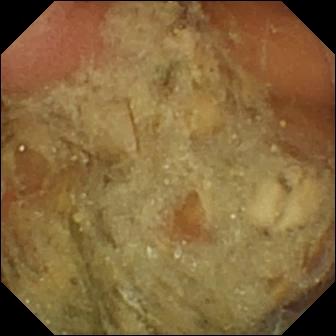Wireless capsule endoscopy frame
Video segment: pylorus region